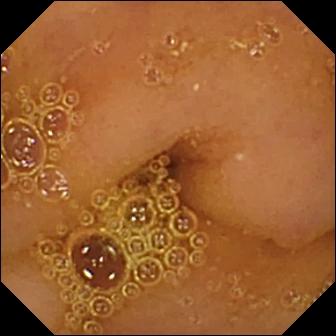This small-bowel capsule endoscopy image shows normal clean mucosa.